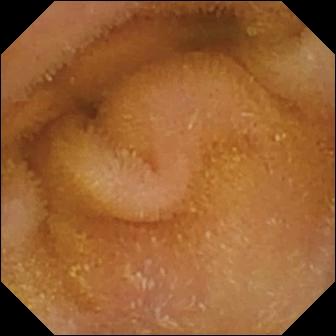Video capsule endoscopy. Impression: normal clean mucosa.